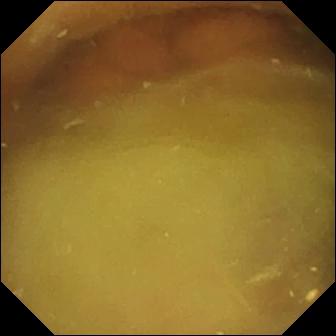Q: What does this WCE image of the small bowel show?
A: Normal clean mucosa.